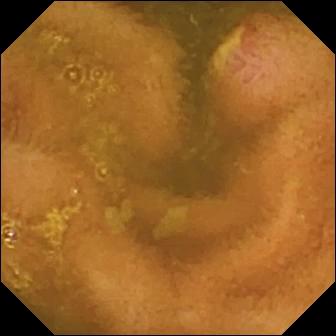Ulcer.